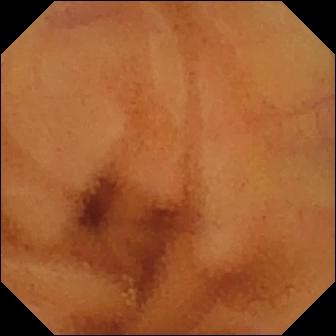modality: wireless capsule endoscopy; segment: small intestine; impression: normal clean mucosa